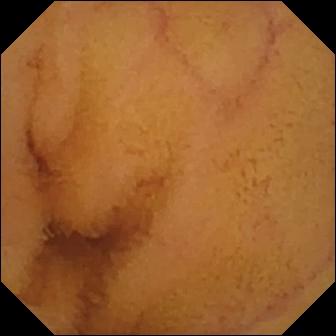{"modality": "capsule endoscopy", "segment": "small intestine", "finding": "normal clean mucosa"}